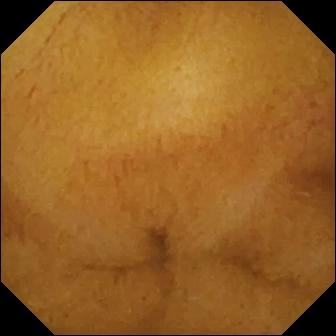{"modality": "capsule endoscopy", "segment": "small bowel", "finding": "normal clean mucosa"}